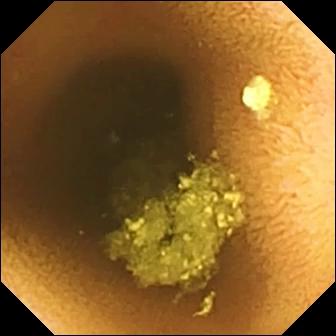PROCEDURE: VCE.
FINDINGS: Normal clean mucosa.